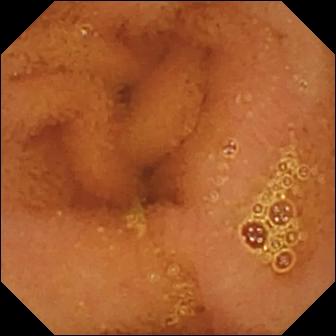- modality: small-bowel capsule endoscopy
- segment: small bowel
- label: normal clean mucosa